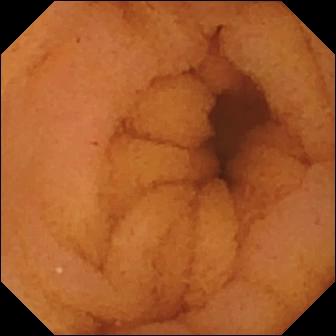Capsule endoscopy frame
Finding: normal clean mucosa